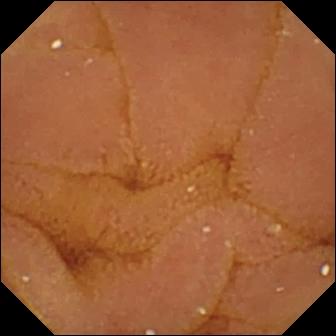Q: What does this wireless capsule endoscopy view of the small intestine show?
A: Normal clean mucosa.